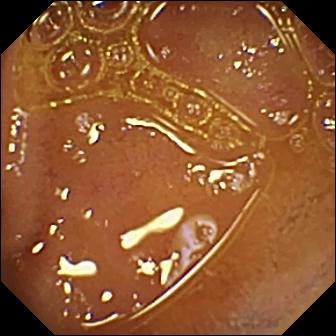- modality: video capsule endoscopy
- segment: small intestine
- impression: normal clean mucosa